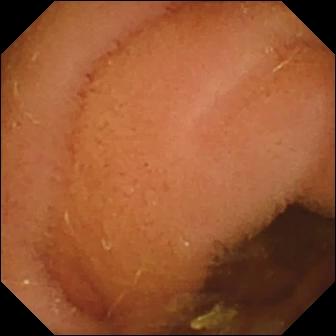Wireless capsule endoscopy — normal clean mucosa.